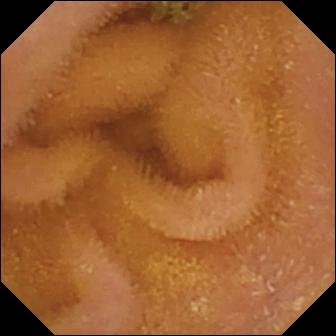{"modality": "video capsule endoscopy", "category": "luminal finding", "finding": "normal clean mucosa"}